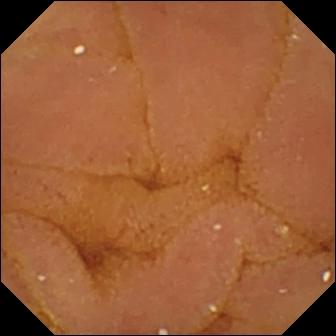WCE. Impression: normal clean mucosa.